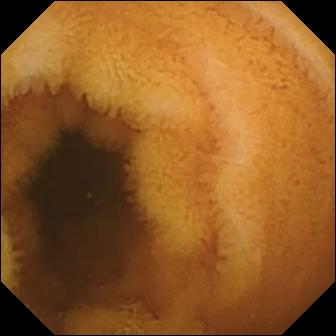{"modality": "capsule endoscopy", "finding": "normal clean mucosa"}